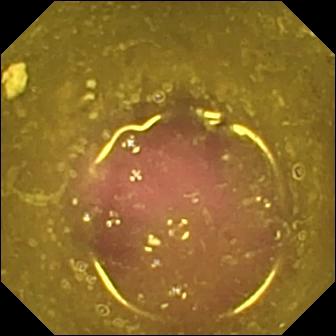{"modality": "wireless capsule endoscopy", "finding": "reduced mucosal view (content or bubbles obscuring the mucosa)"}